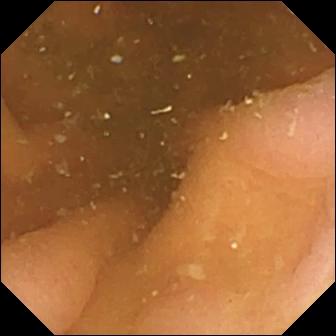Capsule endoscopy still
Video segment: pylorus region (where the capsule passes from the stomach into the small bowel)